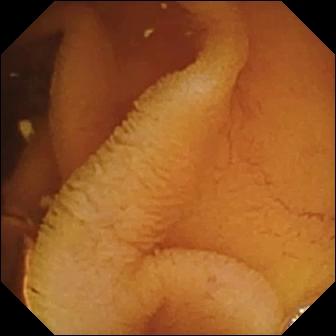This video capsule endoscopy snapshot shows normal clean mucosa.